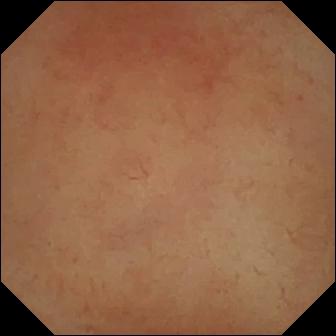Pylorus region (the junction between the stomach and the small bowel), 336×336.